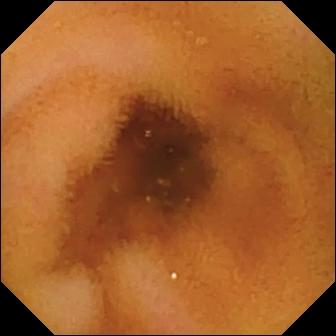modality: small-bowel capsule endoscopy; segment: small bowel; category: luminal finding; label: normal clean mucosa